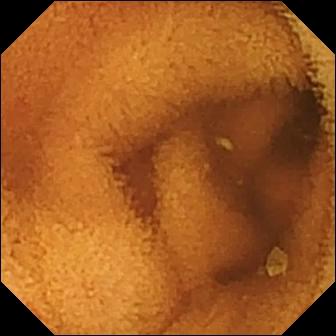Capsule endoscopy frame (small intestine). Normal clean mucosa.